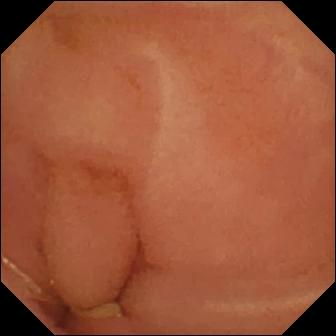{"modality": "capsule endoscopy", "finding": "normal clean mucosa"}